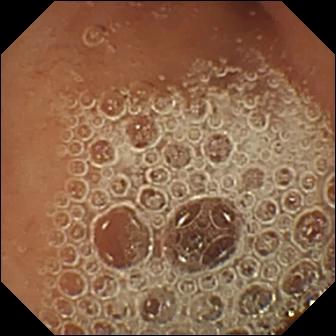Video capsule endoscopy image, 336×336. Normal clean mucosa.